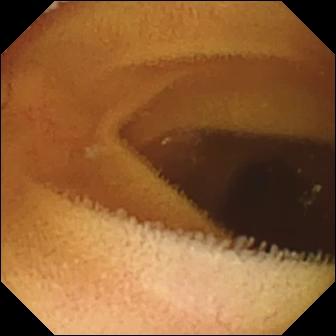PROCEDURE: Video capsule endoscopy.
FINDINGS: Normal clean mucosa.